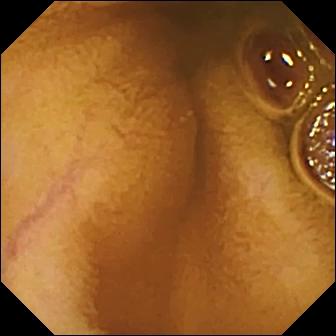Wireless capsule endoscopy — normal clean mucosa.